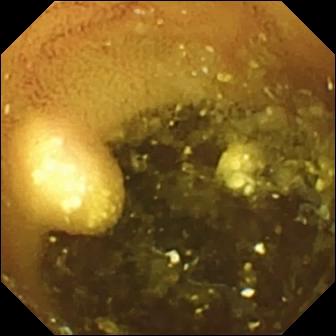Q: What does this VCE snapshot show?
A: Lymphangiectasia.